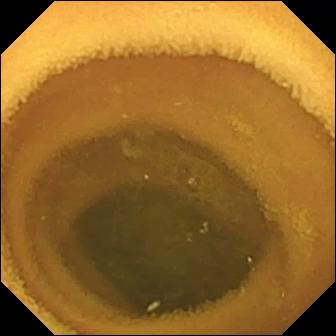Q: What does this wireless capsule endoscopy snapshot of the small bowel show?
A: Normal clean mucosa.